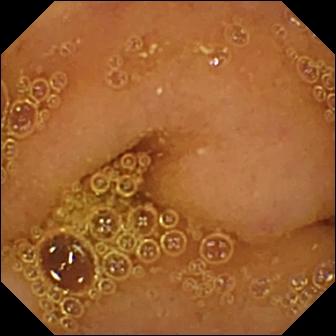WCE frame of the small intestine showing normal clean mucosa.